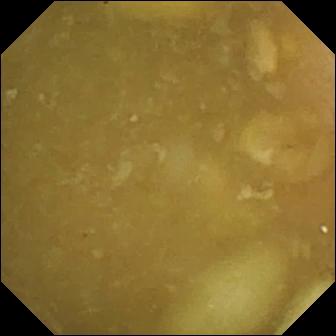Capsule endoscopy snapshot
Label: ileo-cecal valve region (where the capsule passes from the small bowel into the large bowel)